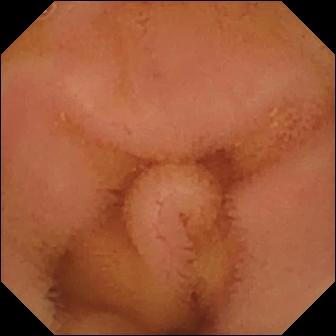VCE — normal clean mucosa.